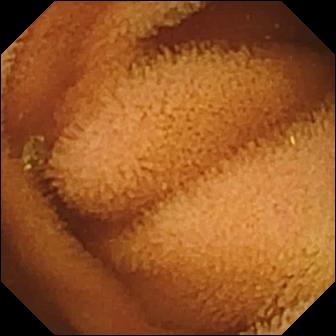- modality: video capsule endoscopy
- segment: small bowel
- label: normal clean mucosa